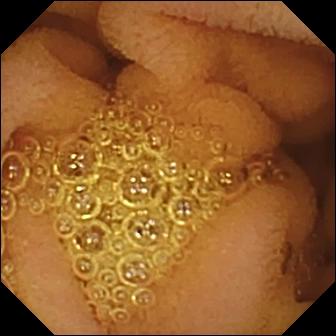WCE — normal clean mucosa.